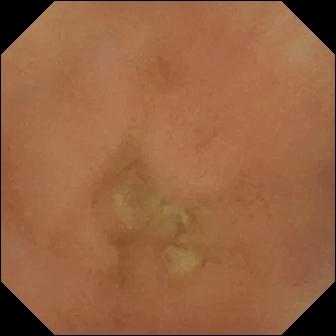{"modality": "wireless capsule endoscopy", "finding": "normal clean mucosa"}